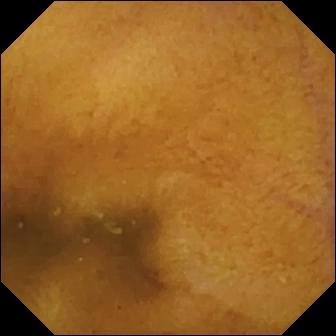WCE. Luminal finding. Impression: normal clean mucosa.